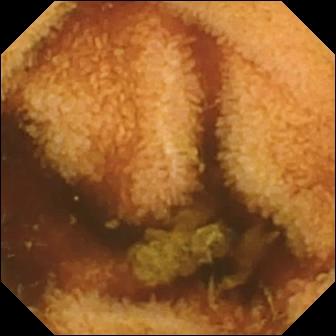VCE. Small bowel. Label: normal clean mucosa.